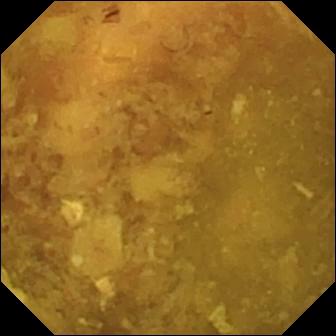PROCEDURE: Capsule endoscopy.
FINDINGS: Reduced mucosal view (content or bubbles obscuring the mucosa).